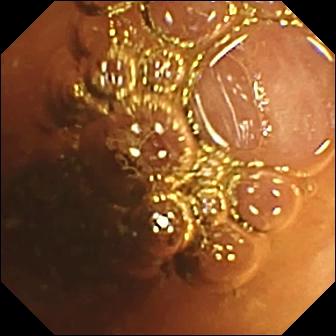modality: small-bowel capsule endoscopy; segment: small intestine; category: luminal finding; finding: normal clean mucosa